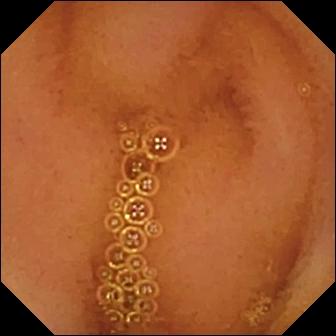Normal clean mucosa.